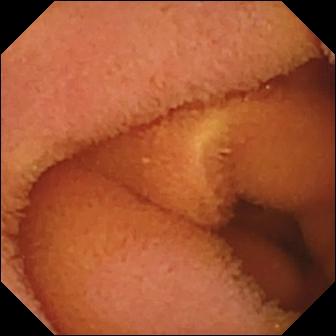Normal clean mucosa — WCE frame of the small intestine.